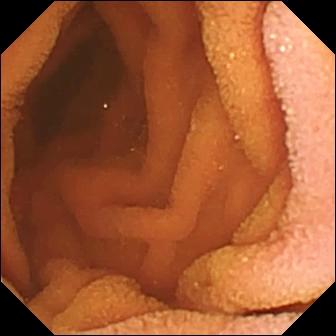modality: video capsule endoscopy; segment: small intestine; finding: normal clean mucosa